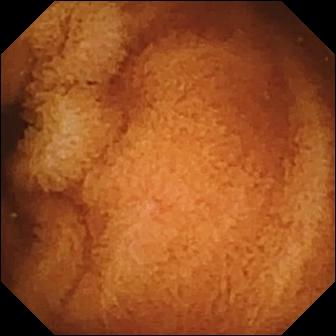Capsule endoscopy image
Observation: normal clean mucosa